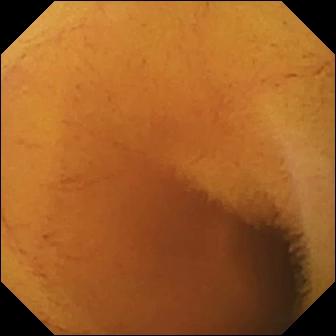Q: What does this wireless capsule endoscopy snapshot of the small bowel show?
A: Normal clean mucosa.